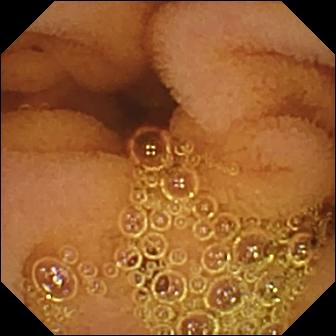VCE — normal clean mucosa.